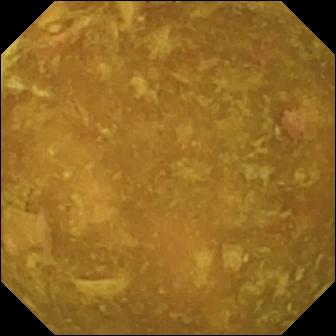Reduced mucosal view (content or bubbles obscuring the mucosa).